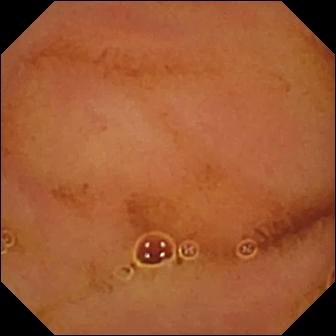Video capsule endoscopy view showing normal clean mucosa.